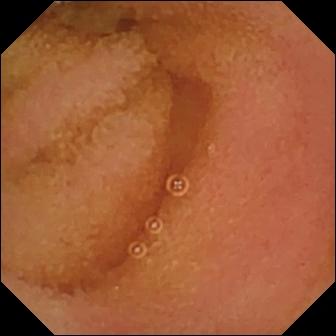modality: wireless capsule endoscopy; segment: small intestine; observation: normal clean mucosa